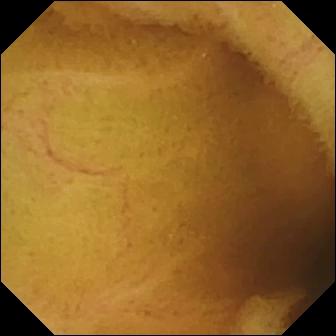modality: video capsule endoscopy | segment: small bowel | category: luminal finding | finding: normal clean mucosa